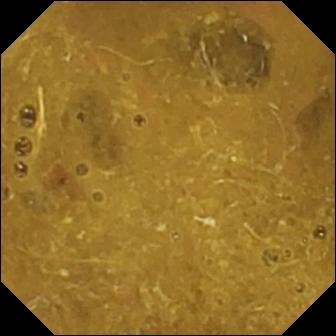Ileo-cecal valve region — small-bowel capsule endoscopy frame.